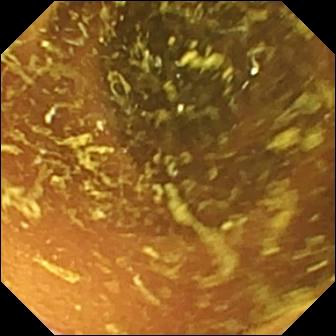This small-bowel capsule endoscopy snapshot shows normal clean mucosa.